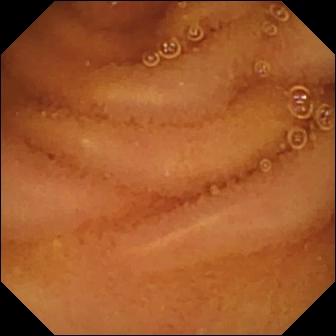VCE snapshot (small bowel), 336×336. Normal clean mucosa.